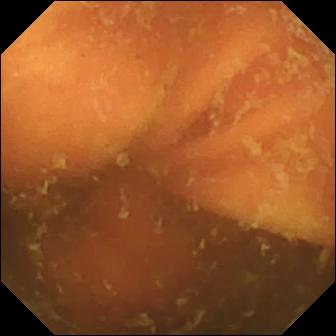Small-bowel capsule endoscopy — ileo-cecal valve region (where the capsule passes from the small bowel into the large bowel).